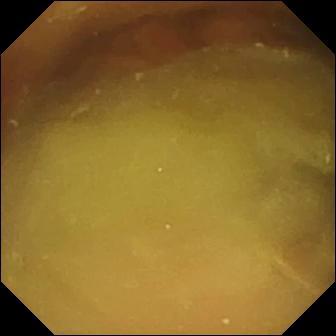WCE view showing normal clean mucosa.